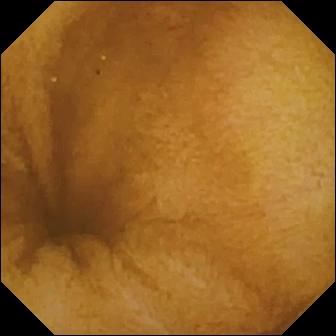Small-bowel capsule endoscopy frame of the small bowel showing normal clean mucosa.